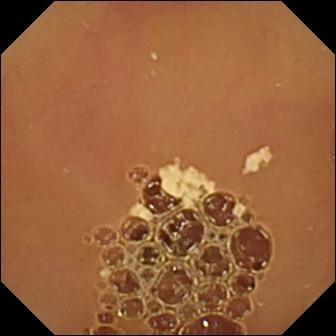Capsule endoscopy. Label: normal clean mucosa.